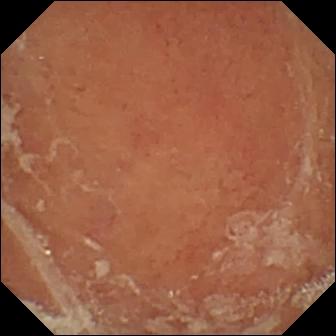PROCEDURE: Small-bowel capsule endoscopy.
LOCATION: Pylorus region (the junction between the stomach and the small bowel).